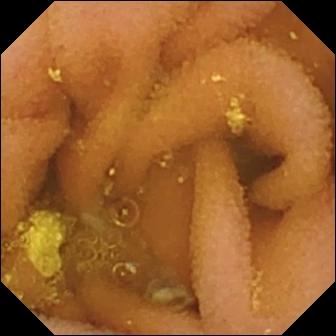Lymphangiectasia.